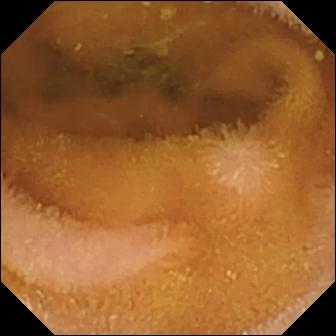Video capsule endoscopy snapshot showing normal clean mucosa.